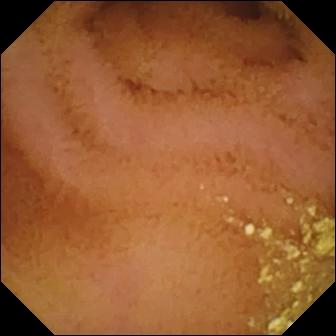- modality: video capsule endoscopy
- finding: normal clean mucosa